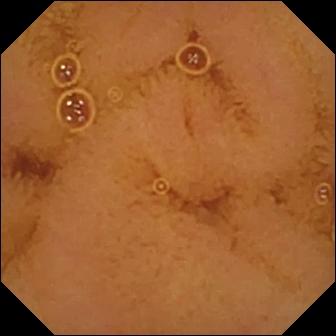- modality: VCE
- segment: small intestine
- category: luminal finding
- finding: normal clean mucosa